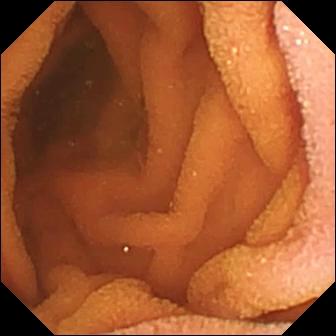- modality: capsule endoscopy
- segment: small bowel
- finding: normal clean mucosa